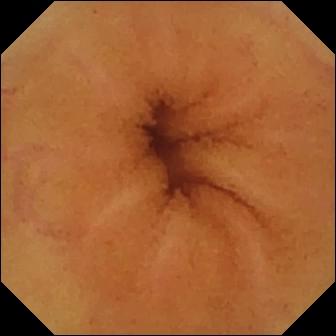Normal clean mucosa — capsule endoscopy image.